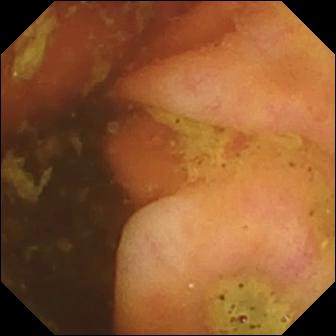Q: Where in the digestive tract was this WCE image taken?
A: Ileo-cecal valve region (the transition from the small bowel to the large bowel).